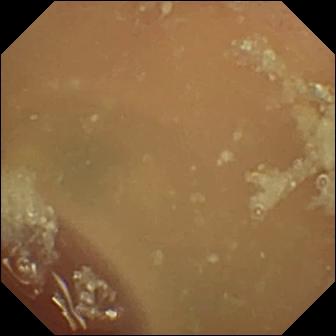- modality: video capsule endoscopy
- segment: small bowel
- observation: normal clean mucosa